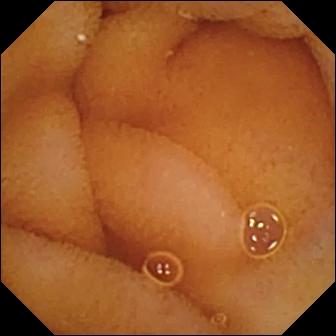WCE frame showing normal clean mucosa.